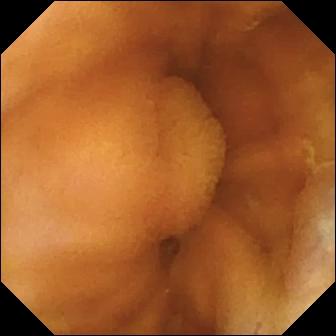Normal clean mucosa — wireless capsule endoscopy frame of the small intestine.